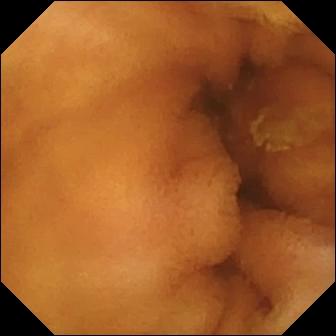Wireless capsule endoscopy still, small intestine
Impression: normal clean mucosa